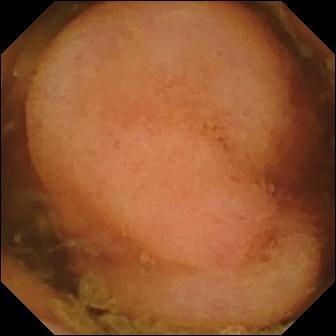PROCEDURE: Video capsule endoscopy.
FINDINGS: Polyp.